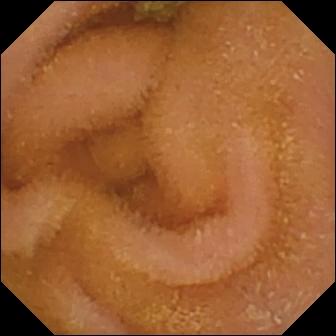VCE frame of the small bowel showing normal clean mucosa.